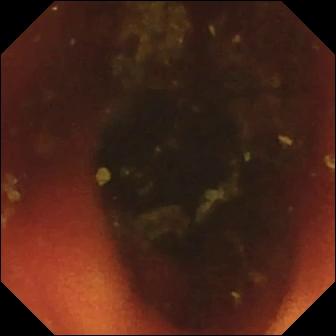VCE — ileo-cecal valve region (where the capsule passes from the small bowel into the large bowel).